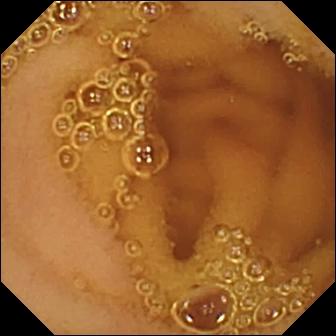Normal clean mucosa.